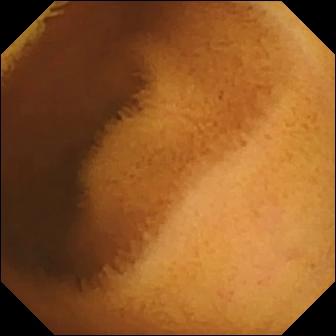Capsule endoscopy. Small intestine. Luminal finding. Finding: normal clean mucosa.